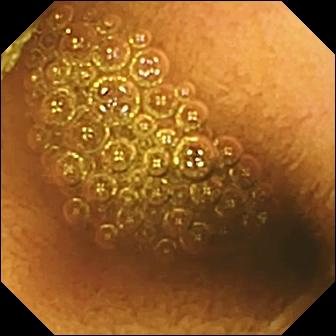modality: small-bowel capsule endoscopy; observation: reduced mucosal view (content or bubbles obscuring the mucosa)